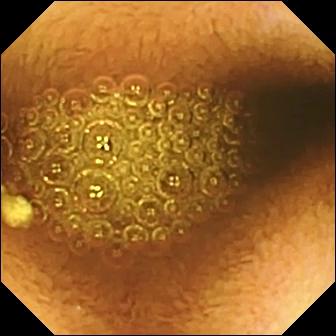Reduced mucosal view (content or bubbles obscuring the mucosa).